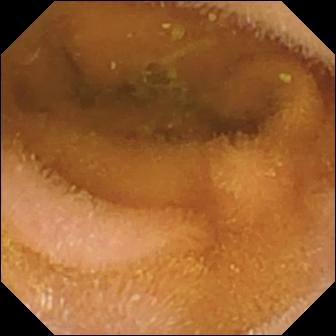Small-bowel capsule endoscopy image of the small bowel showing normal clean mucosa.